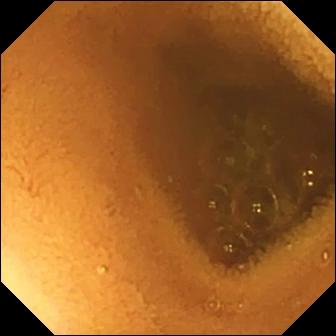This VCE still of the small intestine shows normal clean mucosa.